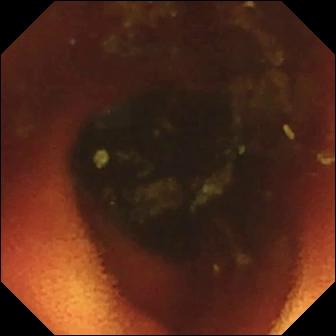PROCEDURE: Wireless capsule endoscopy.
POSITION: Ileo-cecal valve region (where the capsule passes from the small bowel into the large bowel).